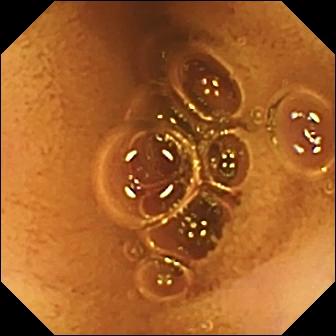This WCE snapshot shows normal clean mucosa.